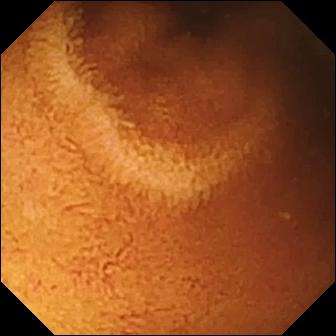Q: What does this wireless capsule endoscopy image of the small intestine show?
A: Normal clean mucosa.